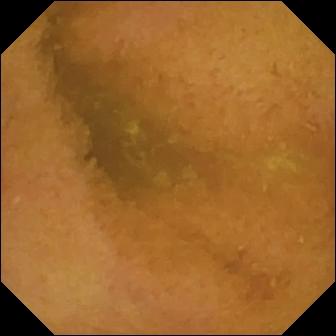Capsule endoscopy image. Normal clean mucosa.